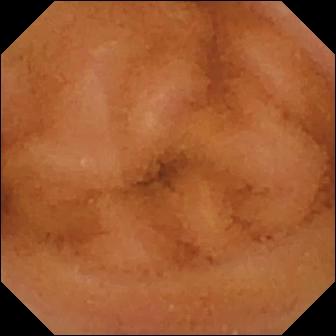Q: What does this small-bowel capsule endoscopy still show?
A: Normal clean mucosa.